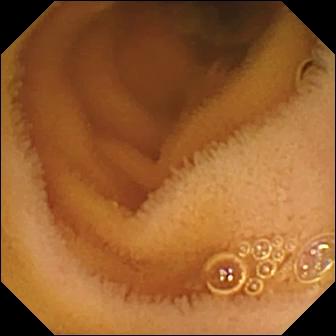This small-bowel capsule endoscopy still shows normal clean mucosa.